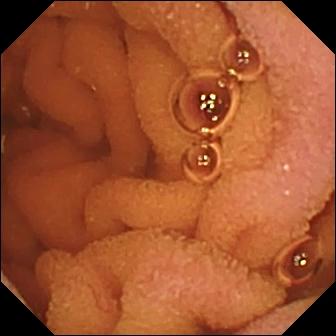{"modality": "WCE", "segment": "small intestine", "finding": "normal clean mucosa"}